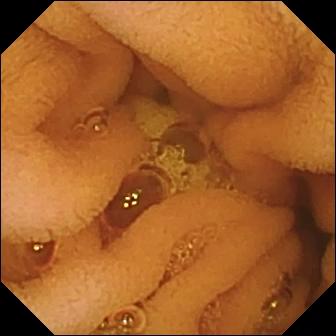Wireless capsule endoscopy still showing normal clean mucosa.